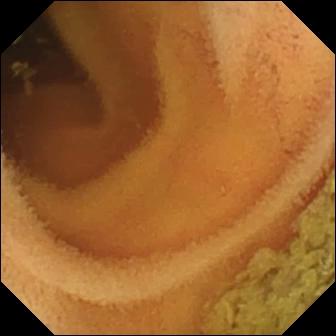VCE. Observation: normal clean mucosa.